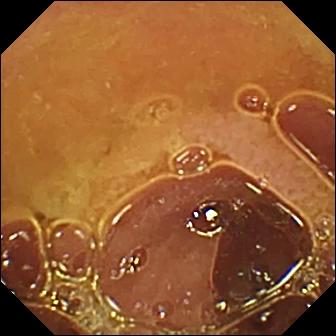- modality: small-bowel capsule endoscopy
- segment: small bowel
- finding: normal clean mucosa